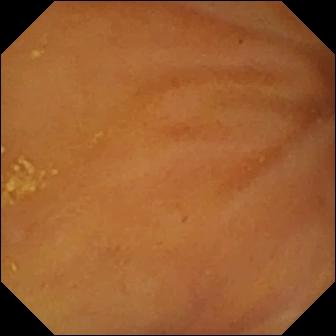Capsule endoscopy image
Label: ileo-cecal valve region (where the capsule passes from the small bowel into the large bowel)